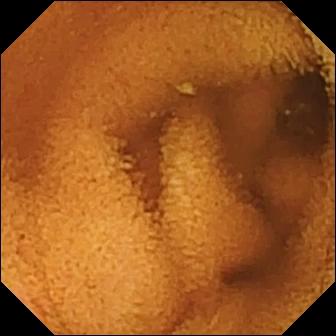VCE frame. Normal clean mucosa.